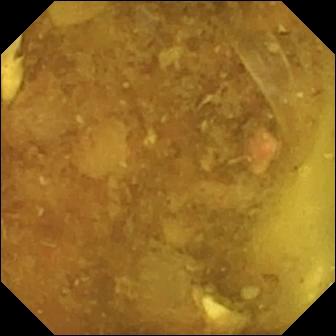Capsule endoscopy snapshot (small intestine). Reduced mucosal view (content or bubbles obscuring the mucosa).